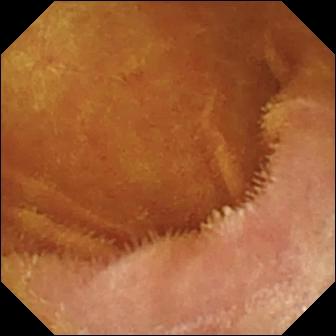Small-bowel capsule endoscopy frame
Observation: normal clean mucosa